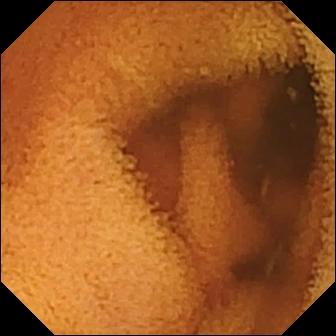This VCE frame shows normal clean mucosa.